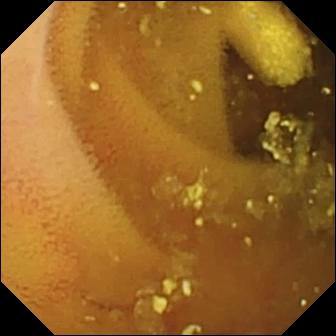modality: VCE
finding: lymphangiectasia